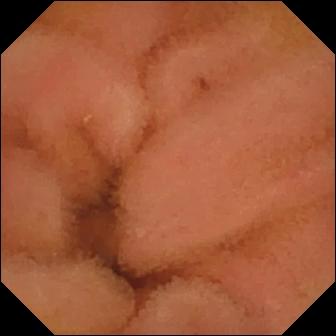Wireless capsule endoscopy frame
Observation: normal clean mucosa